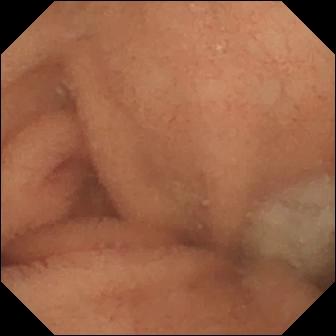Q: What does this VCE frame show?
A: Normal clean mucosa.